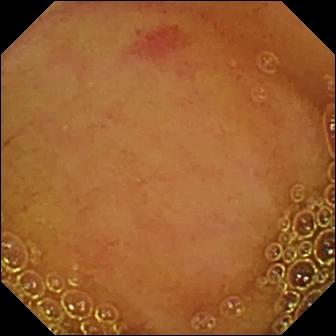Wireless capsule endoscopy still
Impression: angiectasia